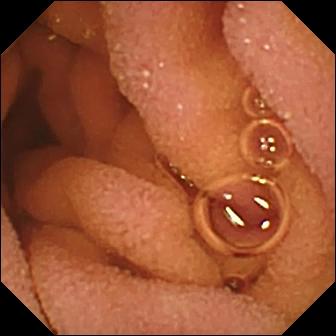modality: VCE; segment: small bowel; label: normal clean mucosa